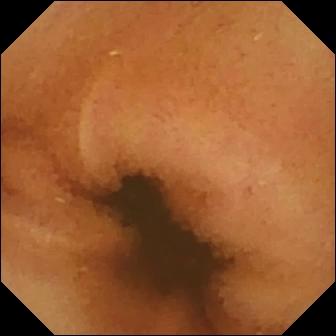Q: What does this video capsule endoscopy frame of the small intestine show?
A: Normal clean mucosa.